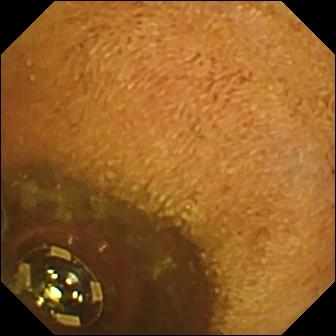Small-bowel capsule endoscopy — foreign body (e.g. retained capsule, tablet residue).